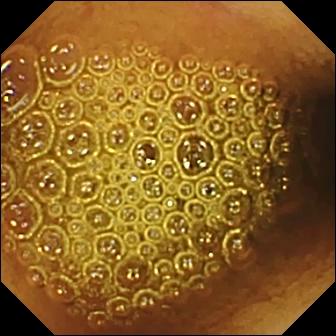VCE snapshot showing reduced mucosal view (content or bubbles obscuring the mucosa).